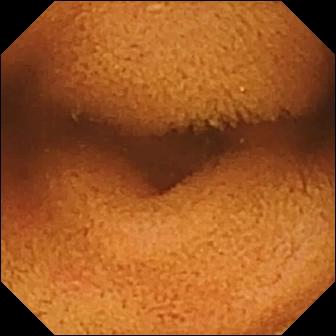Small-bowel capsule endoscopy view, 336×336. Normal clean mucosa.